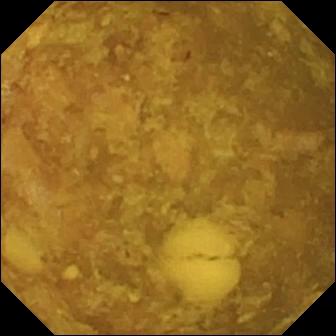This small-bowel capsule endoscopy frame of the small intestine shows reduced mucosal view (content or bubbles obscuring the mucosa).